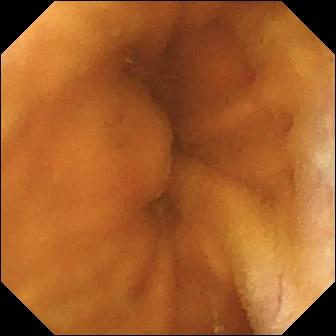Normal clean mucosa — WCE still.